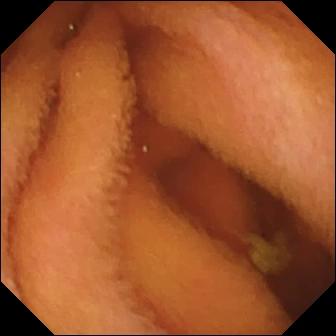Normal clean mucosa — small-bowel capsule endoscopy snapshot.